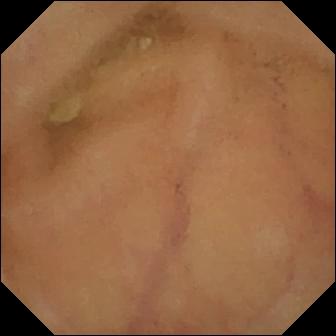{"modality": "VCE", "category": "luminal finding", "finding": "normal clean mucosa"}